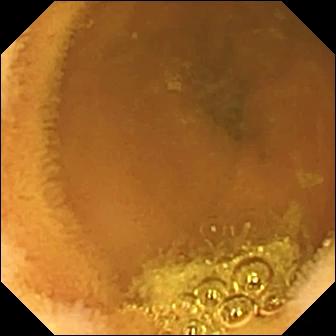{"modality": "video capsule endoscopy", "segment": "small bowel", "finding": "normal clean mucosa"}